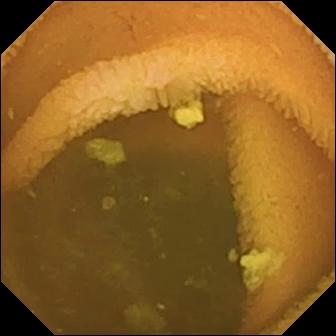modality: VCE
category: luminal finding
finding: normal clean mucosa